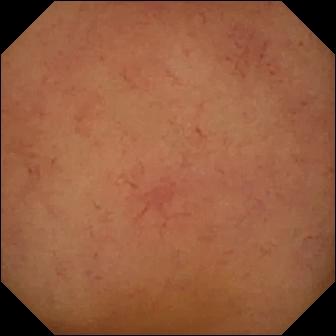PROCEDURE: Video capsule endoscopy.
SEGMENT: Small bowel.
FINDINGS: Normal clean mucosa.